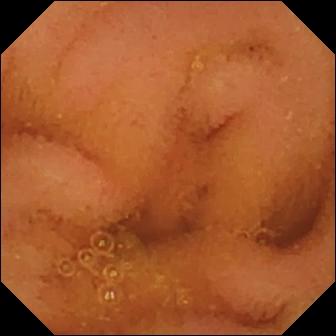WCE. Small bowel. Impression: normal clean mucosa.